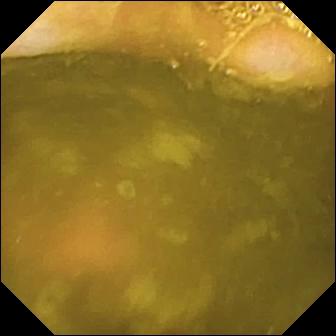Ileo-cecal valve region (the transition from the small bowel to the large bowel), 336×336.